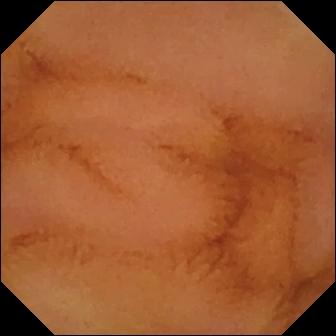- modality: VCE
- segment: small bowel
- category: luminal finding
- label: normal clean mucosa